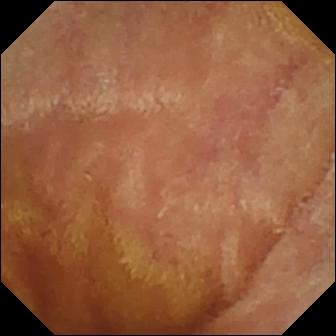Capsule endoscopy frame of the small bowel showing normal clean mucosa.